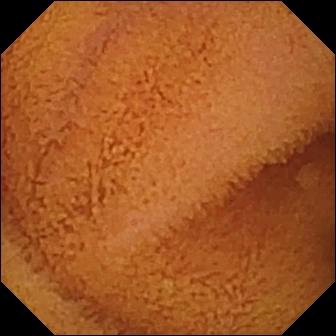VCE image showing normal clean mucosa.